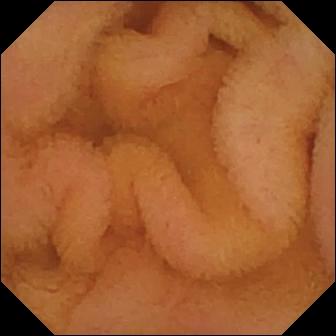PROCEDURE: WCE.
SEGMENT: Small intestine.
FINDINGS: Normal clean mucosa.